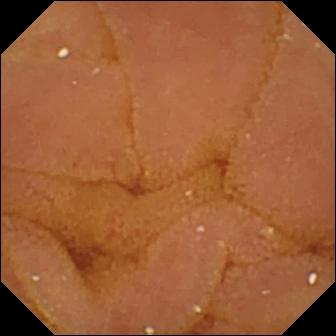This capsule endoscopy view shows normal clean mucosa.